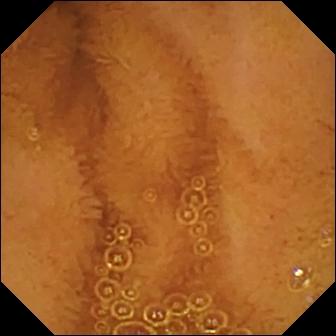{"modality": "video capsule endoscopy", "category": "luminal finding", "finding": "normal clean mucosa"}